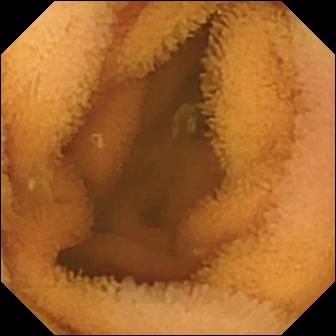VCE image showing normal clean mucosa.